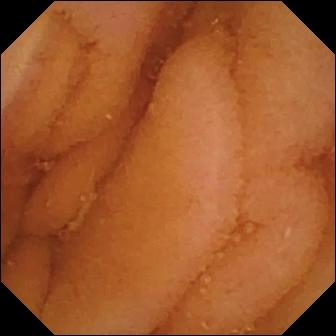Q: What does this capsule endoscopy still of the small intestine show?
A: Normal clean mucosa.